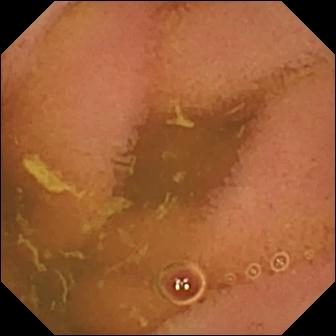PROCEDURE: Capsule endoscopy.
SEGMENT: Small intestine.
FINDINGS: Normal clean mucosa.